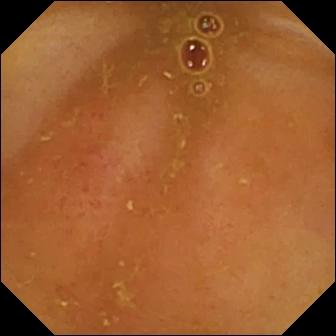Wireless capsule endoscopy frame. Erythema (mucosal redness).